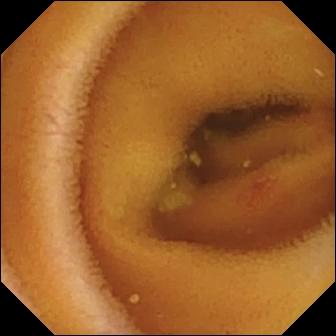{"modality": "video capsule endoscopy", "finding": "angiectasia"}